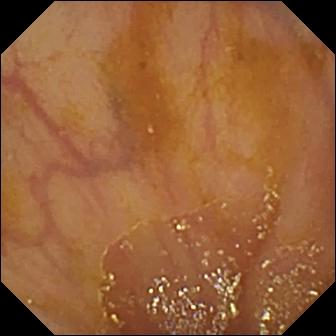Video capsule endoscopy snapshot taken in the ileo-cecal valve region (the transition from the small bowel to the large bowel).